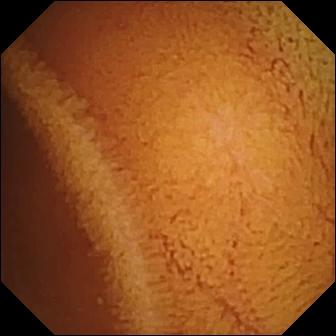Wireless capsule endoscopy snapshot, 336×336. Normal clean mucosa.